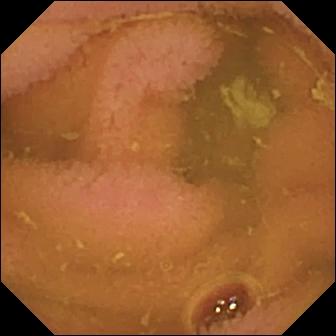WCE frame (small bowel). Normal clean mucosa.